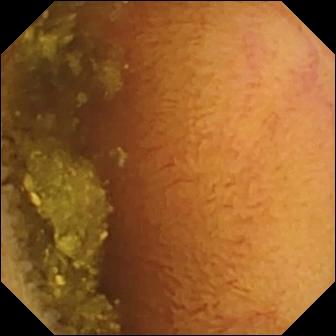{"modality": "capsule endoscopy", "segment": "small intestine", "finding": "normal clean mucosa"}